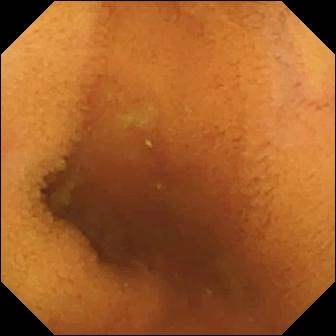{"modality": "video capsule endoscopy", "category": "luminal finding", "finding": "normal clean mucosa"}